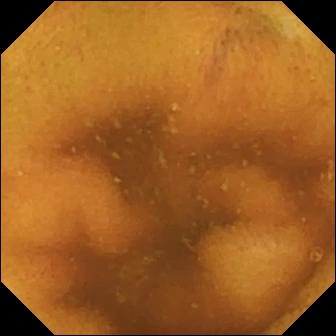modality: small-bowel capsule endoscopy
segment: small intestine
category: luminal finding
finding: normal clean mucosa